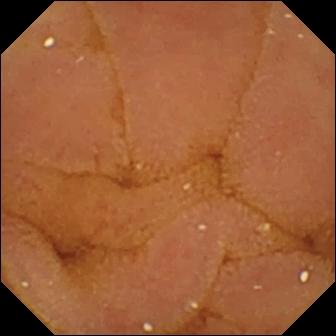This wireless capsule endoscopy view of the small intestine shows normal clean mucosa.